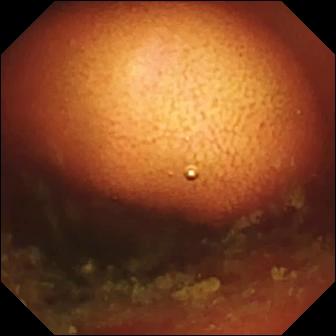{"modality": "capsule endoscopy", "category": "anatomical landmark", "label": "ileo-cecal valve region (the transition from the small bowel to the large bowel)"}